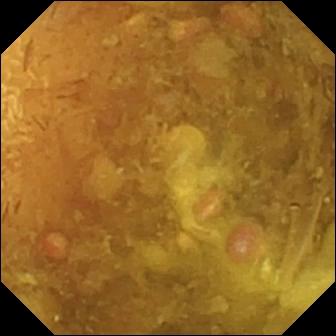{"modality": "capsule endoscopy", "segment": "small intestine", "category": "luminal finding", "finding": "reduced mucosal view (content or bubbles obscuring the mucosa)"}